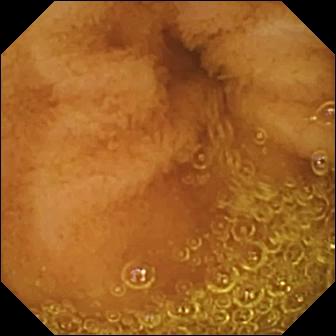Capsule endoscopy. Label: normal clean mucosa.